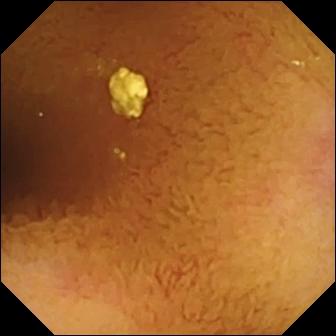modality: capsule endoscopy; finding: normal clean mucosa